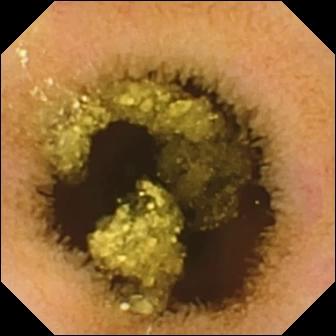Wireless capsule endoscopy — normal clean mucosa.